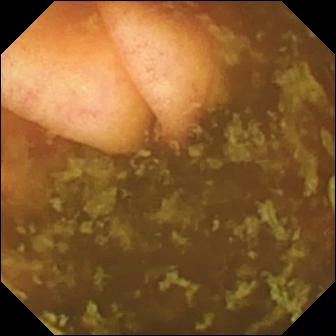This WCE frame was taken in the ileo-cecal valve region.